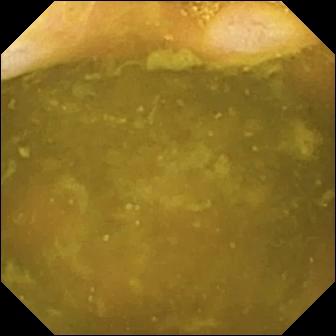Wireless capsule endoscopy still, 336×336. Taken in the ileo-cecal valve region.